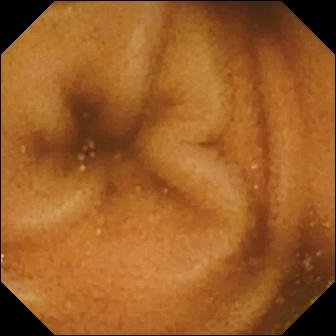Small-bowel capsule endoscopy. Impression: normal clean mucosa.